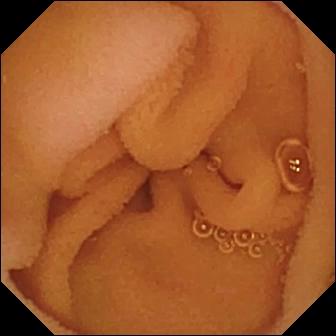- modality: WCE
- segment: small intestine
- finding: normal clean mucosa